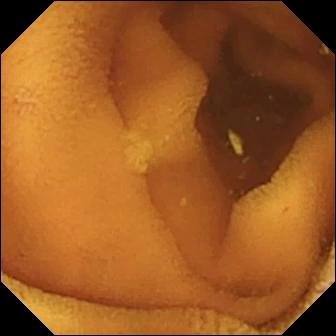VCE snapshot of the small bowel showing normal clean mucosa.